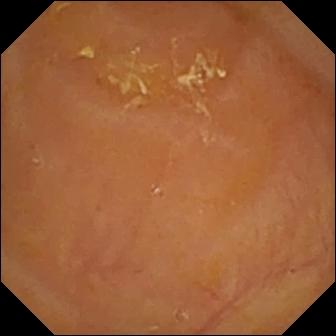- modality: small-bowel capsule endoscopy
- segment: small intestine
- label: reduced mucosal view (content or bubbles obscuring the mucosa)